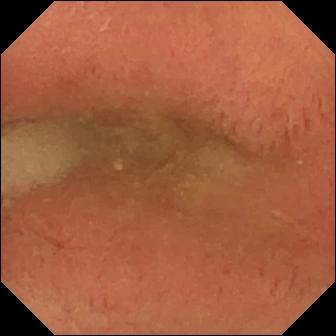modality: small-bowel capsule endoscopy | video segment: pylorus region (where the capsule passes from the stomach into the small bowel)